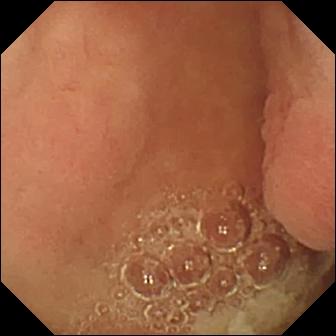This small-bowel capsule endoscopy still was taken in the pylorus region.